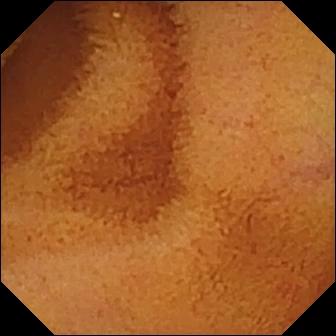Small-bowel capsule endoscopy. Small intestine. Finding: normal clean mucosa.